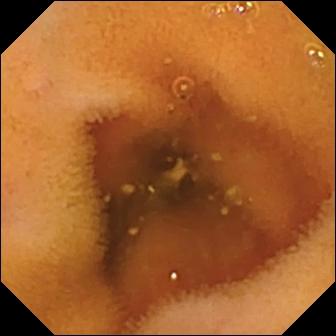modality: WCE; category: luminal finding; impression: normal clean mucosa